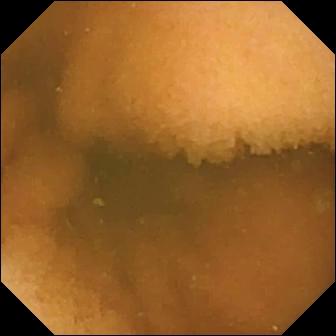Q: What does this wireless capsule endoscopy still of the small intestine show?
A: Normal clean mucosa.